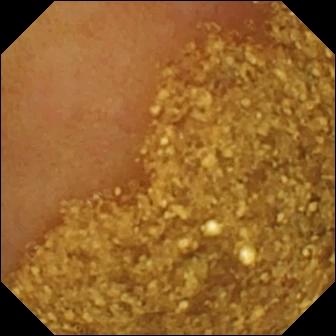PROCEDURE: Wireless capsule endoscopy.
VIDEO SEGMENT: Ileo-cecal valve region (where the capsule passes from the small bowel into the large bowel).